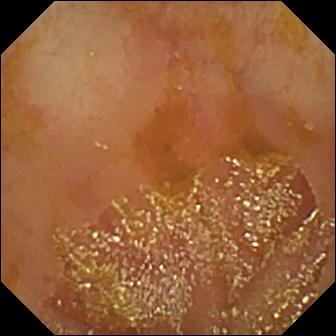modality: VCE | category: anatomical landmark | video segment: ileo-cecal valve region